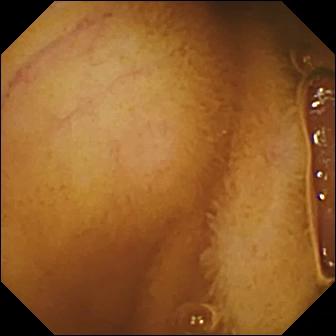Q: What does this WCE snapshot show?
A: Normal clean mucosa.